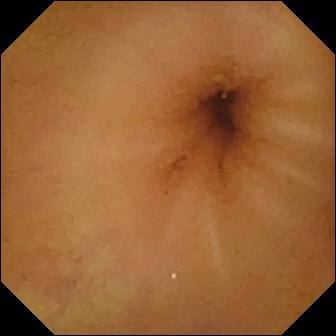Wireless capsule endoscopy — normal clean mucosa.